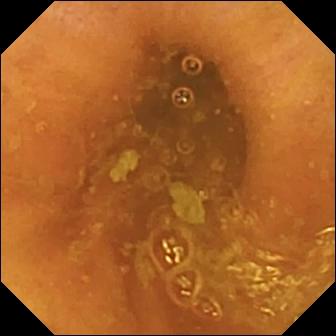VCE view
Location: ileo-cecal valve region